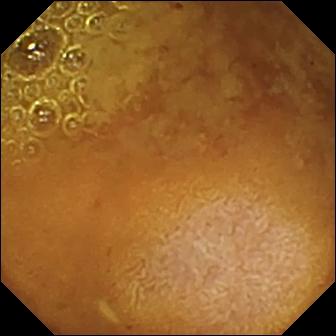VCE snapshot
Impression: reduced mucosal view (content or bubbles obscuring the mucosa)